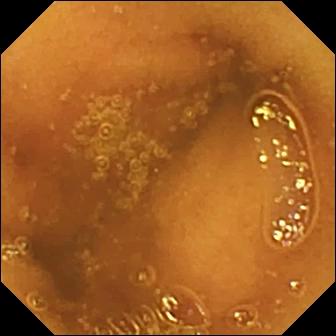VCE still (small intestine). Normal clean mucosa.